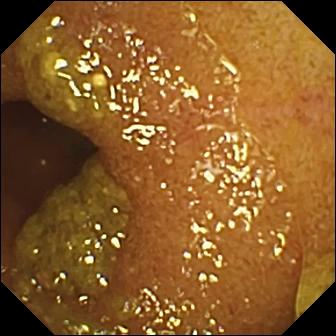Video capsule endoscopy frame, 336×336. Taken in the ileo-cecal valve region (the transition from the small bowel to the large bowel).